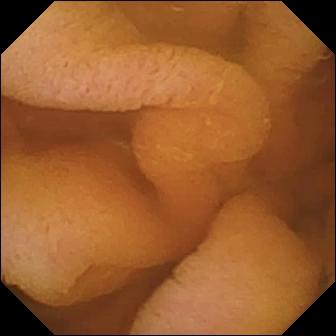Q: What does this WCE still of the small intestine show?
A: Normal clean mucosa.